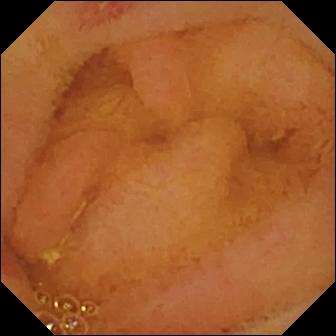PROCEDURE: Video capsule endoscopy.
FINDINGS: Erosion.